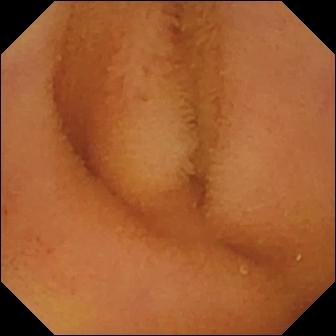PROCEDURE: Small-bowel capsule endoscopy.
FINDINGS: Normal clean mucosa.